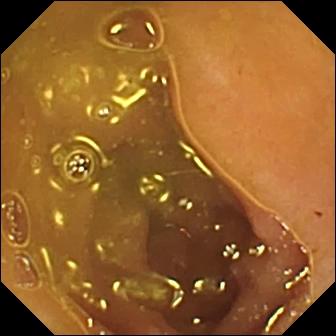PROCEDURE: Capsule endoscopy.
VIDEO SEGMENT: Ileo-cecal valve region.